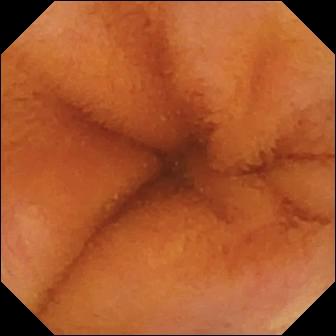Normal clean mucosa.